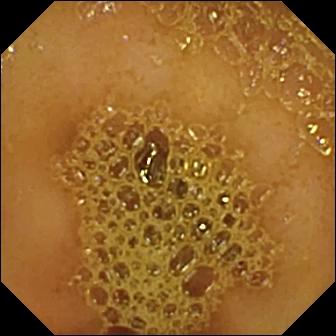{"modality": "WCE", "location": "ileo-cecal valve region (where the capsule passes from the small bowel into the large bowel)"}